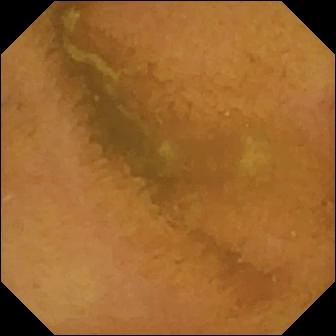VCE image. Normal clean mucosa.